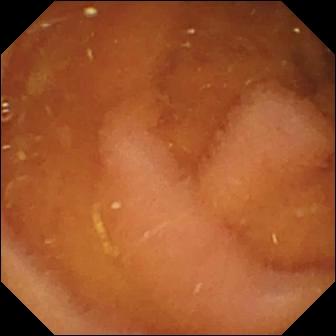- modality: WCE
- label: normal clean mucosa